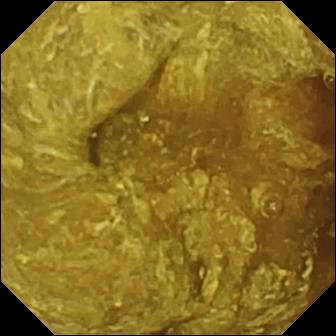This wireless capsule endoscopy frame of the small intestine shows reduced mucosal view (content or bubbles obscuring the mucosa).